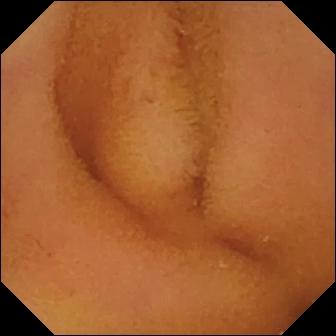Normal clean mucosa — WCE image of the small bowel.